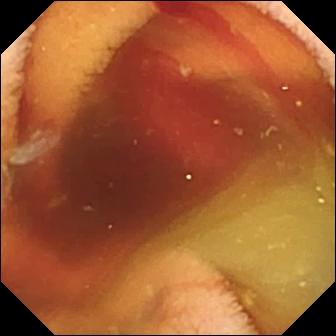Q: What does this capsule endoscopy snapshot show?
A: Fresh blood in the lumen.